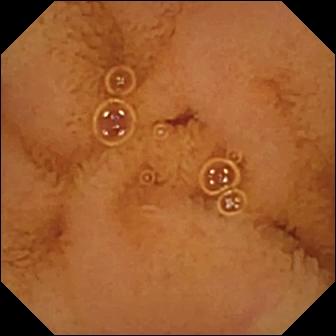WCE view
Finding: normal clean mucosa